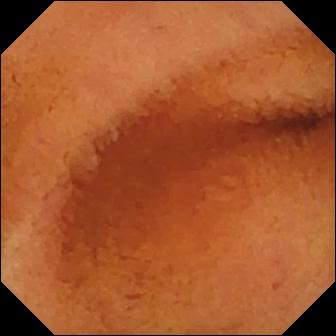PROCEDURE: VCE.
FINDINGS: Normal clean mucosa.